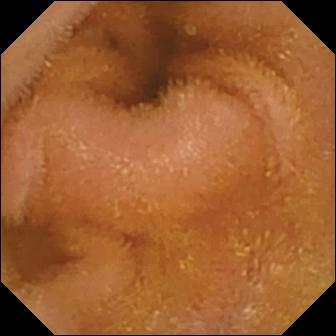{"modality": "VCE", "finding": "normal clean mucosa"}